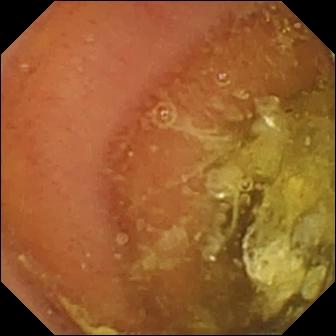WCE still
Label: normal clean mucosa